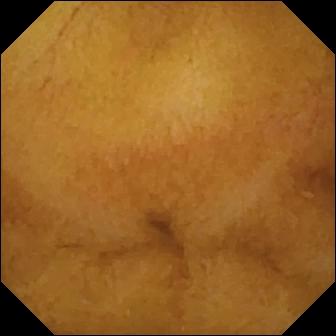{"modality": "small-bowel capsule endoscopy", "finding": "normal clean mucosa"}